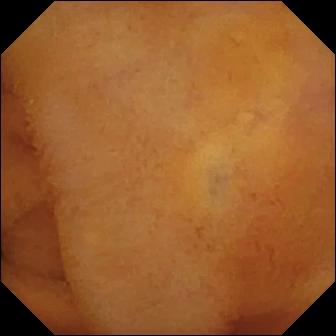modality: small-bowel capsule endoscopy
segment: small intestine
label: normal clean mucosa